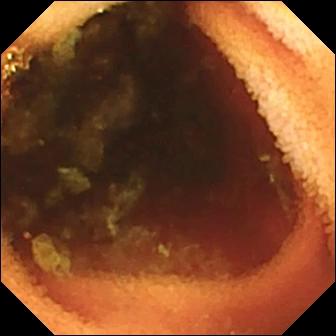modality: capsule endoscopy; position: ileo-cecal valve region (where the capsule passes from the small bowel into the large bowel)